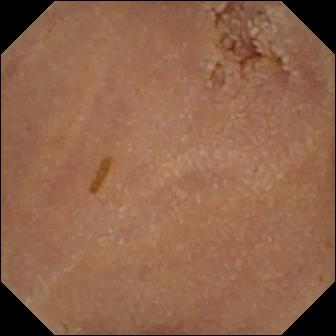Normal clean mucosa (336×336).